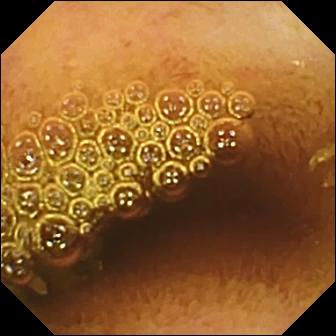Video capsule endoscopy snapshot showing normal clean mucosa.